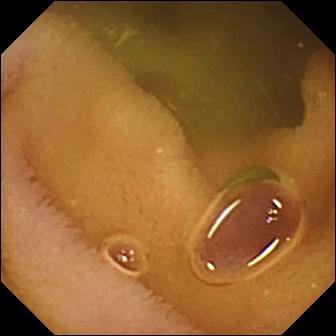modality: small-bowel capsule endoscopy | impression: normal clean mucosa